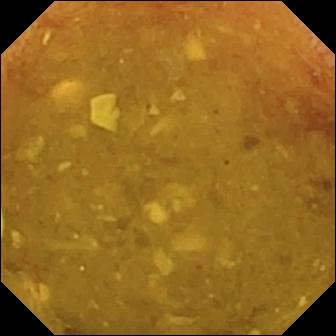WCE view (small intestine), 336×336. Reduced mucosal view (content or bubbles obscuring the mucosa).